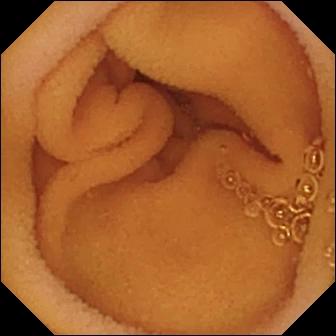modality: video capsule endoscopy
observation: normal clean mucosa